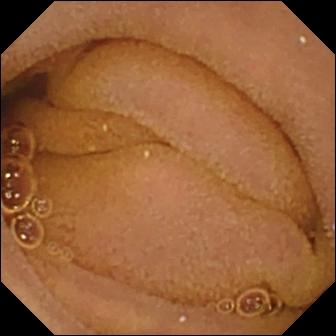- modality: capsule endoscopy
- segment: small bowel
- observation: normal clean mucosa